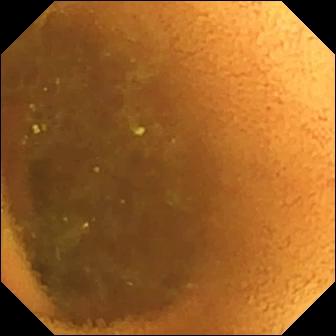- modality: VCE
- observation: normal clean mucosa